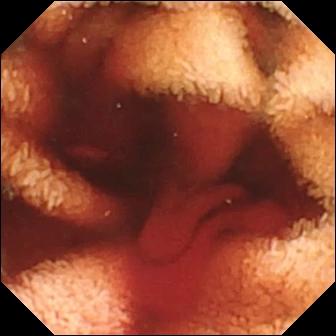{"modality": "video capsule endoscopy", "finding": "fresh blood in the lumen"}